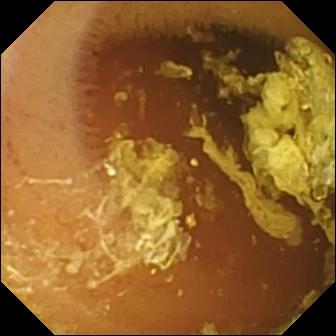Wireless capsule endoscopy snapshot, small bowel
Observation: normal clean mucosa